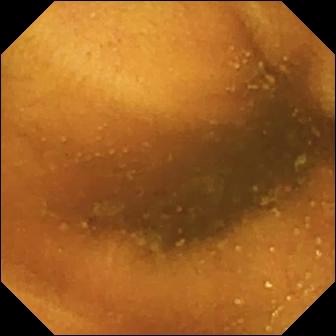Q: What does this small-bowel capsule endoscopy snapshot show?
A: Normal clean mucosa.